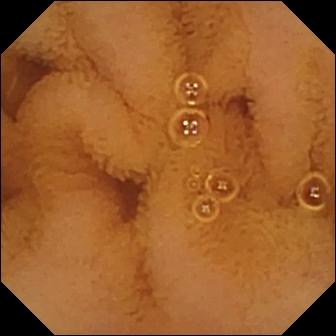VCE frame (small bowel). Normal clean mucosa.